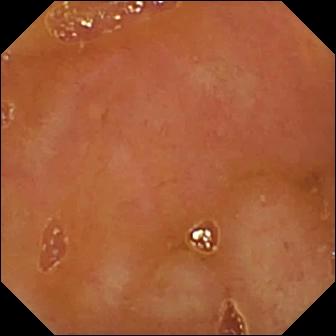Video capsule endoscopy. Location: ileo-cecal valve region.